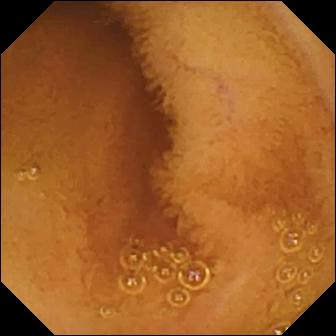Wireless capsule endoscopy snapshot. Normal clean mucosa.